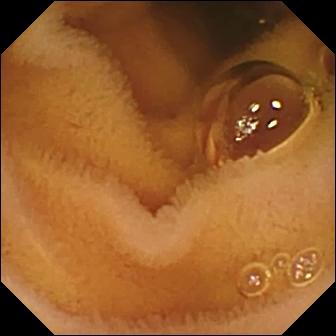Small-bowel capsule endoscopy — normal clean mucosa.